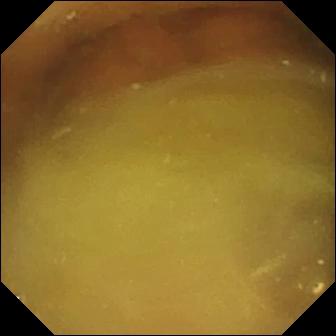WCE. Small bowel. Luminal finding. Impression: normal clean mucosa.